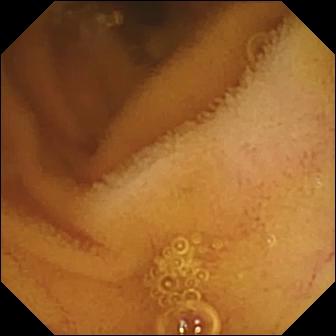Video capsule endoscopy snapshot showing normal clean mucosa.